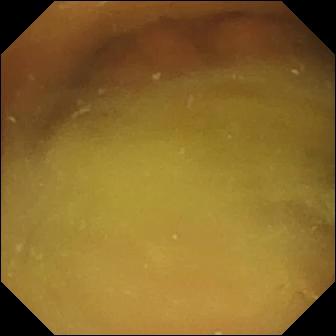VCE — normal clean mucosa.